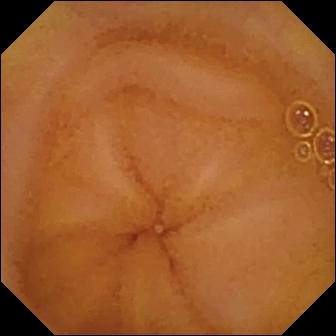Normal clean mucosa — capsule endoscopy snapshot of the small intestine.